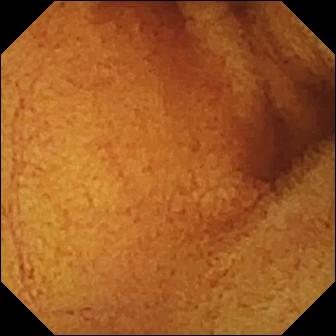Q: What does this VCE still of the small bowel show?
A: Normal clean mucosa.